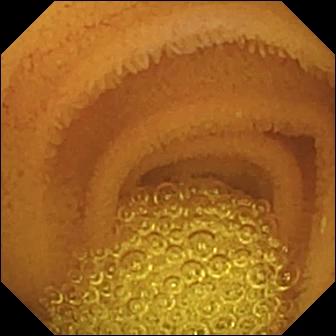Q: What does this video capsule endoscopy frame show?
A: Normal clean mucosa.